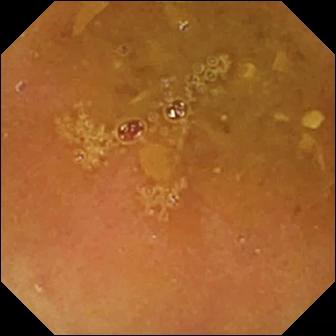Reduced mucosal view (content or bubbles obscuring the mucosa).